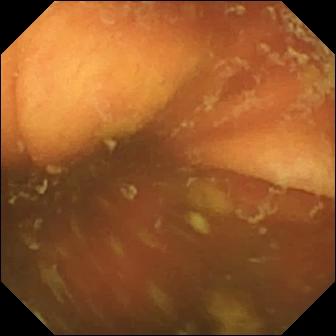Ileo-cecal valve region (the transition from the small bowel to the large bowel) — WCE frame.